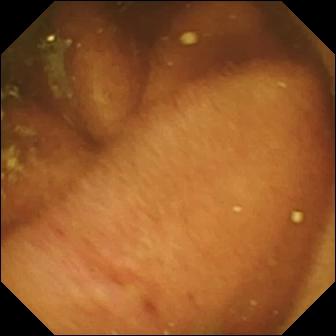This VCE snapshot was taken in the ileo-cecal valve region (the transition from the small bowel to the large bowel).